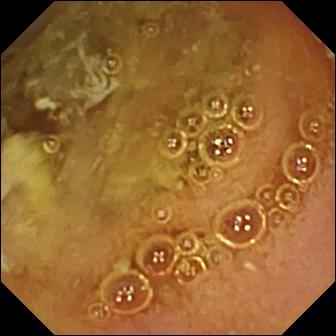VCE — normal clean mucosa.